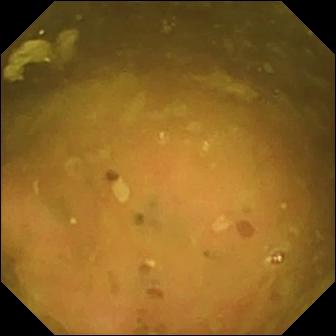Ileo-cecal valve region (the transition from the small bowel to the large bowel) — small-bowel capsule endoscopy still.